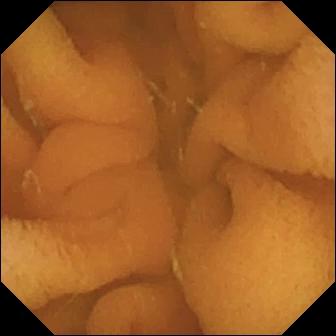Q: What does this video capsule endoscopy still of the small bowel show?
A: Normal clean mucosa.